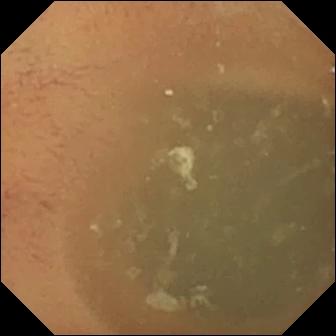This video capsule endoscopy view of the small bowel shows normal clean mucosa.